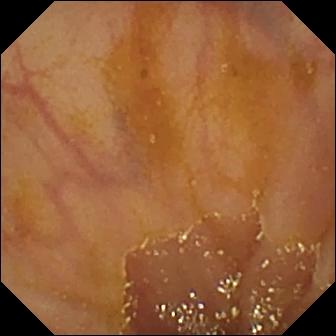This small-bowel capsule endoscopy frame was taken in the ileo-cecal valve region.